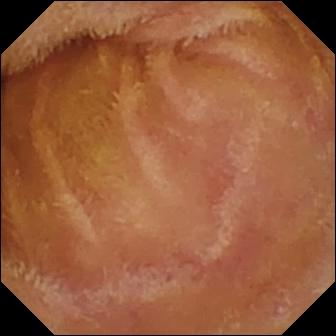Normal clean mucosa — capsule endoscopy still.